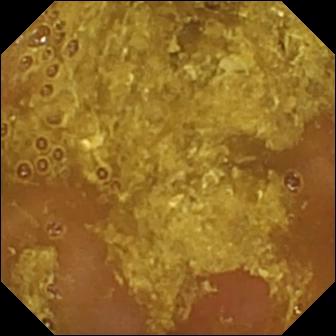Video capsule endoscopy frame (small bowel). Reduced mucosal view (content or bubbles obscuring the mucosa).